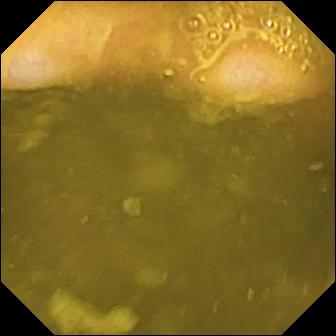Ileo-cecal valve region, 336×336.